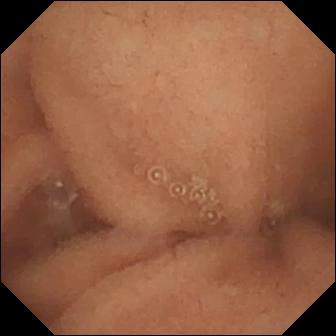Capsule endoscopy image showing normal clean mucosa.